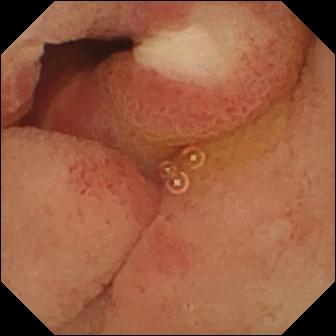{"modality": "video capsule endoscopy", "finding": "ulcer"}